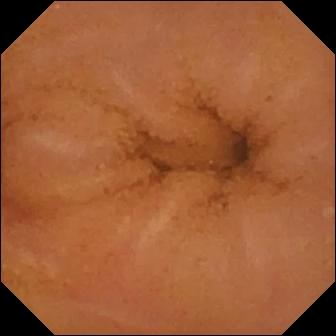- modality: wireless capsule endoscopy
- observation: normal clean mucosa